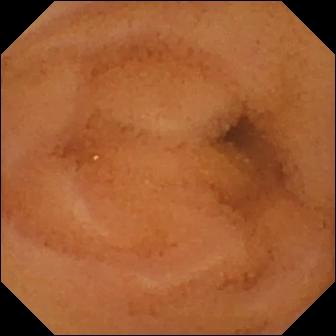- modality: WCE
- observation: normal clean mucosa